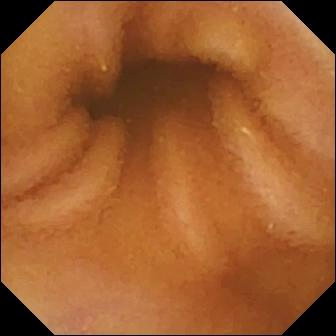modality: wireless capsule endoscopy
segment: small intestine
observation: normal clean mucosa